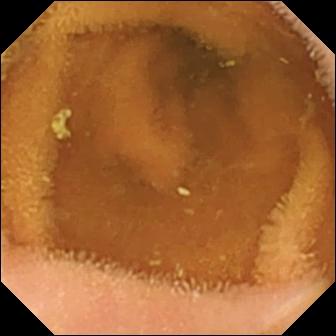This WCE snapshot shows normal clean mucosa.